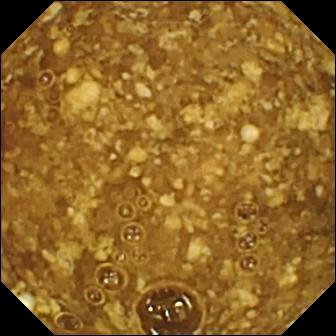WCE snapshot showing reduced mucosal view (content or bubbles obscuring the mucosa).